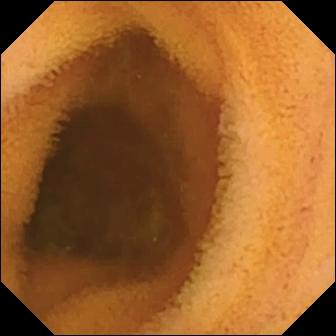This video capsule endoscopy image of the small intestine shows normal clean mucosa.